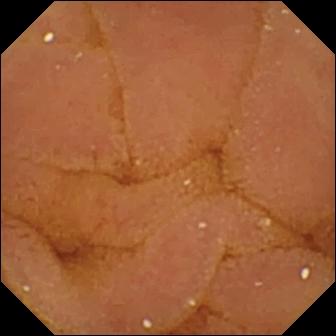Capsule endoscopy — normal clean mucosa.